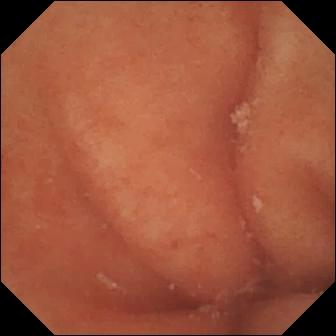Small-bowel capsule endoscopy view taken in the pylorus region (where the capsule passes from the stomach into the small bowel).